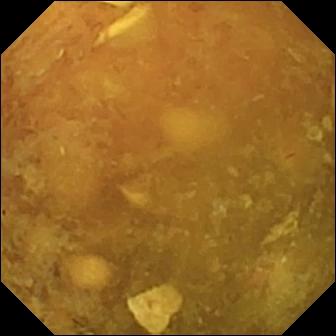VCE snapshot (small intestine). Reduced mucosal view (content or bubbles obscuring the mucosa).